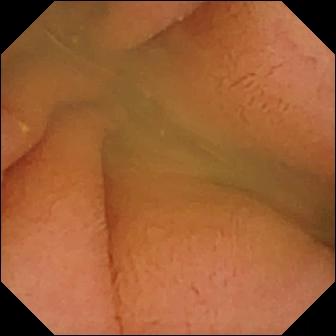modality: WCE | label: normal clean mucosa